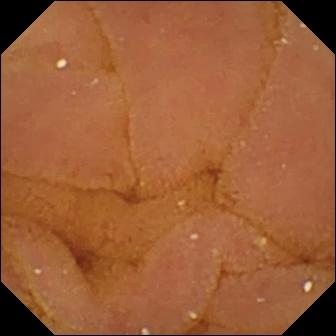WCE image of the small intestine showing normal clean mucosa.